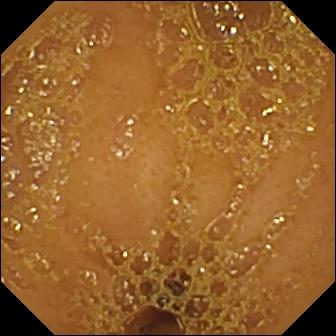Ileo-cecal valve region — WCE view.